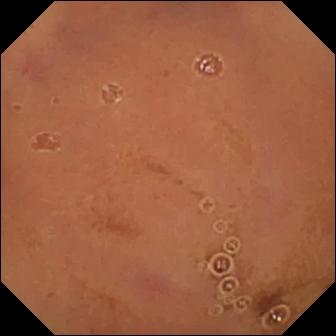Q: What does this capsule endoscopy image of the small intestine show?
A: Normal clean mucosa.